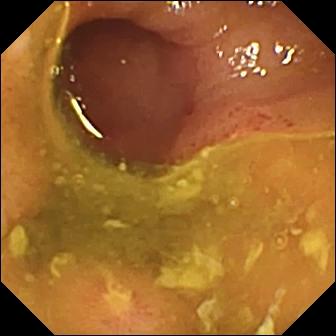{"modality": "VCE", "finding": "ulcer"}